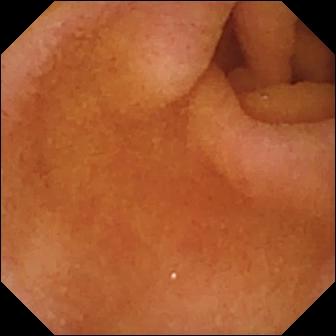- modality: small-bowel capsule endoscopy
- label: pylorus region (the junction between the stomach and the small bowel)